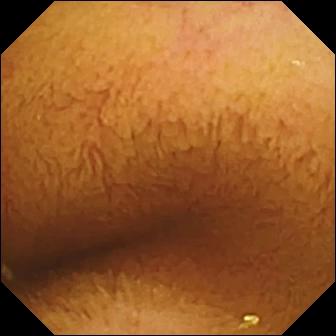modality: capsule endoscopy; observation: normal clean mucosa